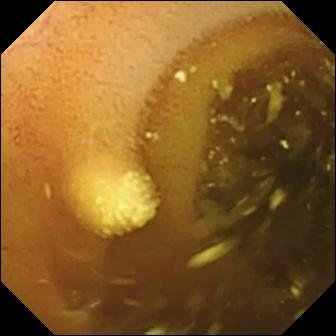- modality: wireless capsule endoscopy
- observation: lymphangiectasia